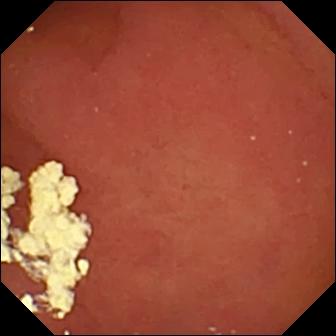- modality: video capsule endoscopy
- category: anatomical landmark
- video segment: pylorus region (where the capsule passes from the stomach into the small bowel)